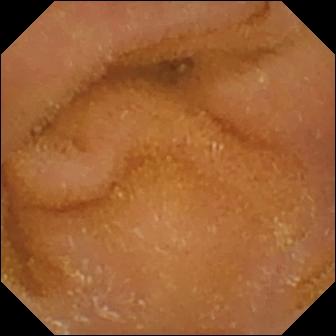{"modality": "VCE", "segment": "small intestine", "finding": "normal clean mucosa"}